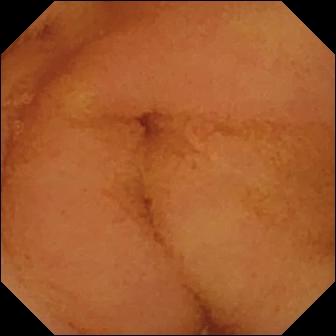modality: WCE; segment: small intestine; finding: normal clean mucosa